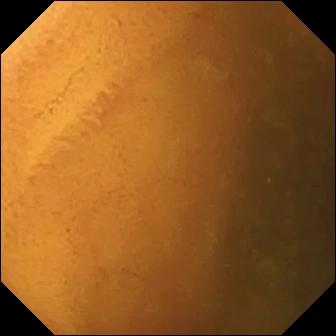PROCEDURE: Wireless capsule endoscopy.
FINDINGS: Normal clean mucosa.